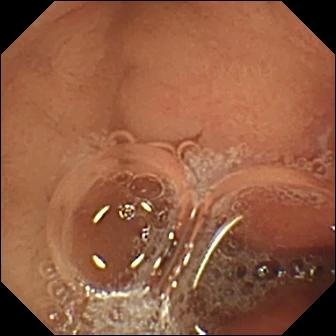VCE — erosion.